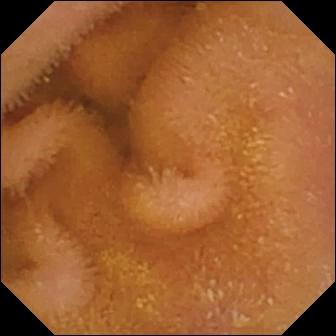Wireless capsule endoscopy snapshot (small bowel). Normal clean mucosa.